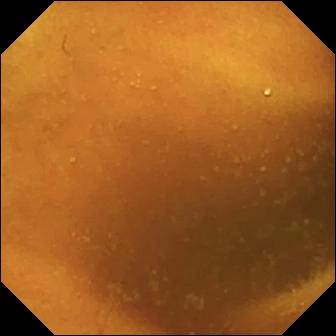{"modality": "capsule endoscopy", "finding": "normal clean mucosa"}